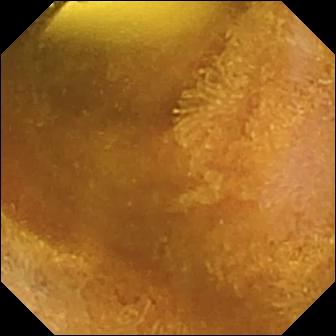- modality: small-bowel capsule endoscopy
- category: luminal finding
- label: foreign body (e.g. retained capsule, tablet residue)